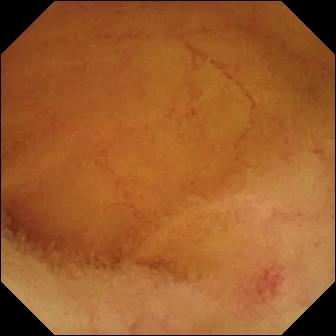Wireless capsule endoscopy — angiectasia.